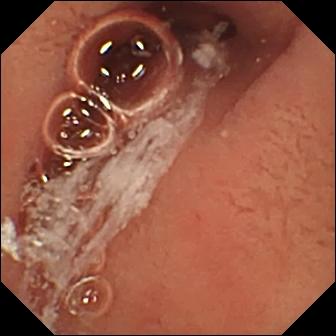Capsule endoscopy. Video segment: pylorus region (the junction between the stomach and the small bowel).